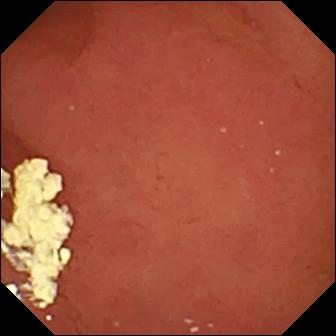Pylorus region — capsule endoscopy view.